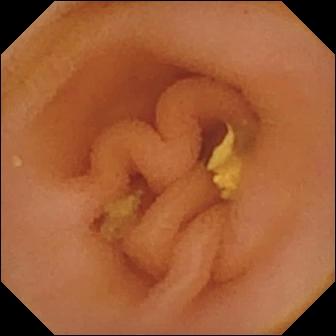- modality: capsule endoscopy
- label: lymphangiectasia